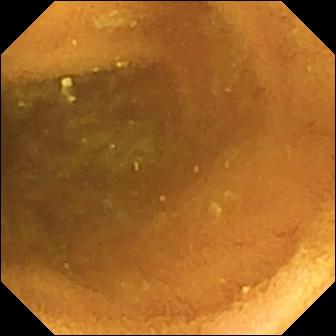Normal clean mucosa.